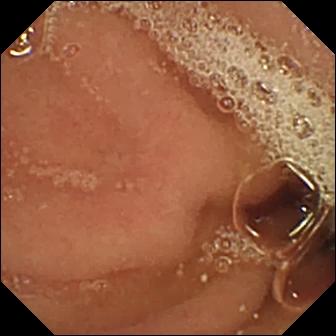VCE still
Position: pylorus region